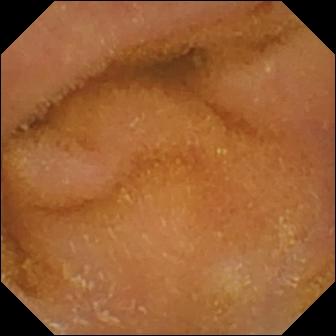Capsule endoscopy frame (small intestine). Normal clean mucosa.